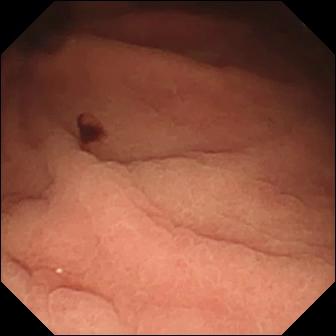WCE. Label: angiectasia.